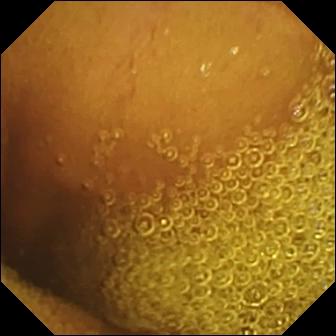This VCE frame of the small intestine shows normal clean mucosa.